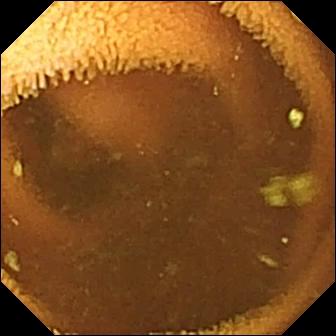Small-bowel capsule endoscopy — normal clean mucosa.